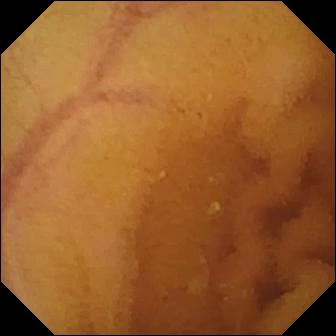PROCEDURE: VCE.
SEGMENT: Small bowel.
FINDINGS: Normal clean mucosa.